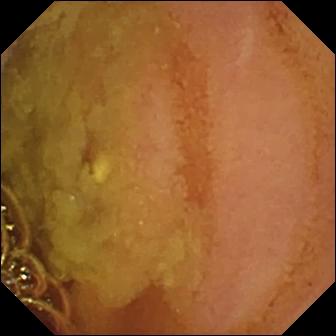Normal clean mucosa — WCE frame.